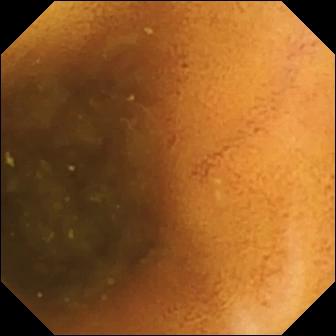Capsule endoscopy — normal clean mucosa.